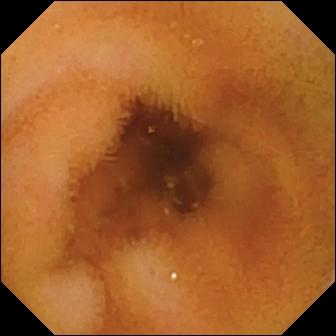Q: What does this WCE view show?
A: Normal clean mucosa.